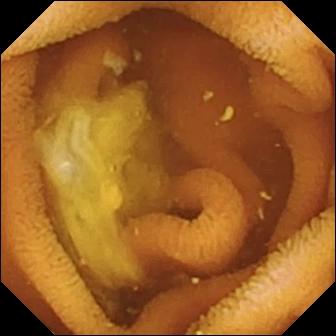{"modality": "VCE", "segment": "small intestine", "category": "luminal finding", "finding": "normal clean mucosa"}